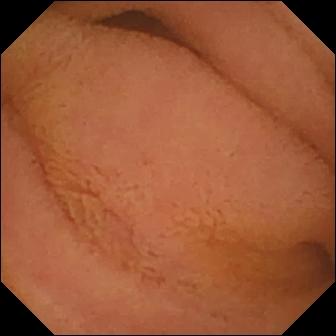{"modality": "capsule endoscopy", "segment": "small bowel", "category": "luminal finding", "finding": "normal clean mucosa"}